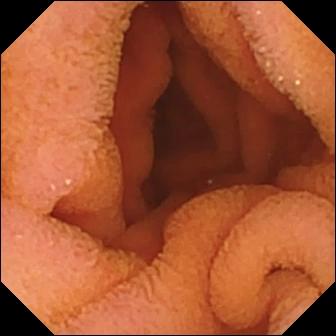{"modality": "VCE", "segment": "small intestine", "finding": "normal clean mucosa"}